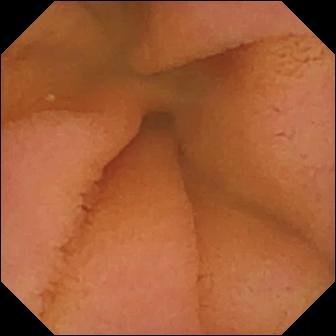Q: What does this small-bowel capsule endoscopy snapshot of the small bowel show?
A: Normal clean mucosa.